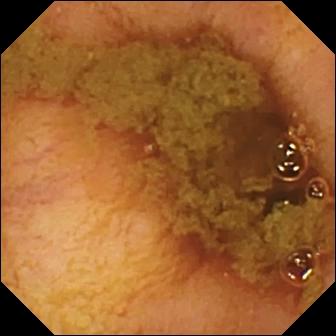Wireless capsule endoscopy. Position: ileo-cecal valve region.